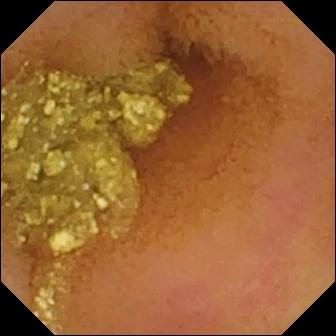VCE. Small bowel. Label: normal clean mucosa.